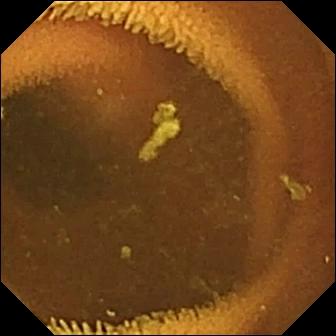PROCEDURE: WCE.
FINDINGS: Normal clean mucosa.